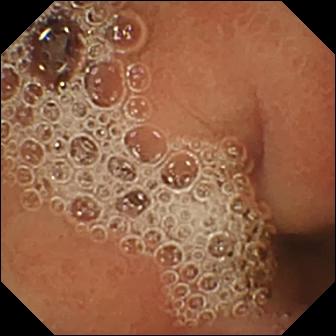Q: What does this capsule endoscopy view show?
A: Normal clean mucosa.